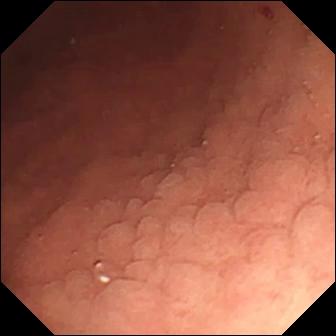Capsule endoscopy still
Impression: angiectasia